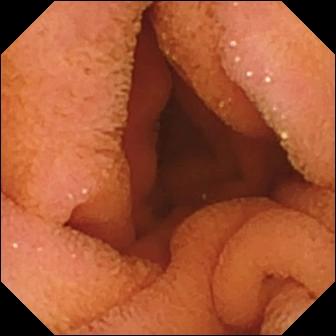Normal clean mucosa — video capsule endoscopy still.